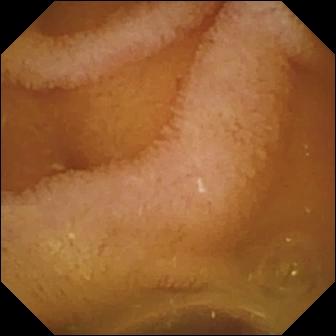Normal clean mucosa.